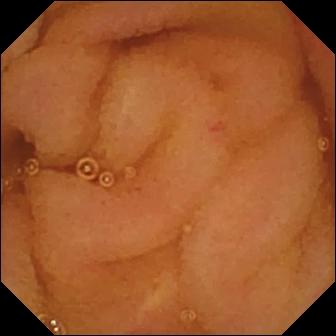This VCE snapshot of the small intestine shows normal clean mucosa.